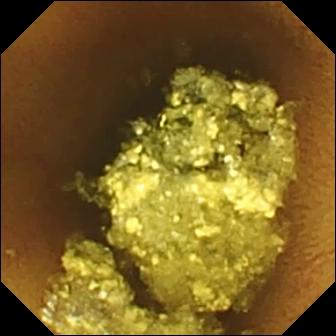VCE — normal clean mucosa.